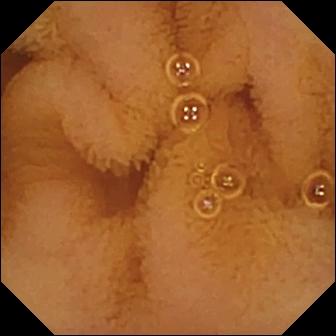PROCEDURE: Capsule endoscopy.
SEGMENT: Small intestine.
FINDINGS: Normal clean mucosa.